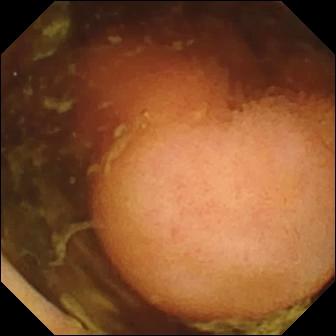Polyp — video capsule endoscopy view.